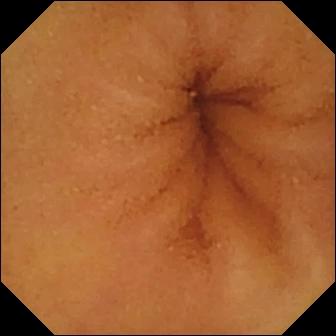Q: What does this small-bowel capsule endoscopy still show?
A: Normal clean mucosa.